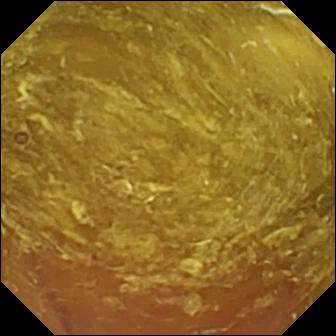Capsule endoscopy. Small bowel. Impression: reduced mucosal view (content or bubbles obscuring the mucosa).